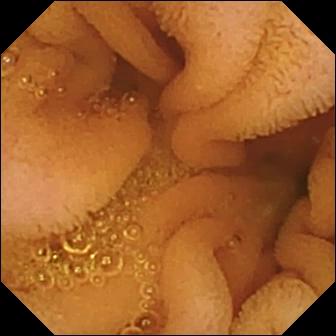modality: small-bowel capsule endoscopy | segment: small bowel | category: luminal finding | finding: normal clean mucosa